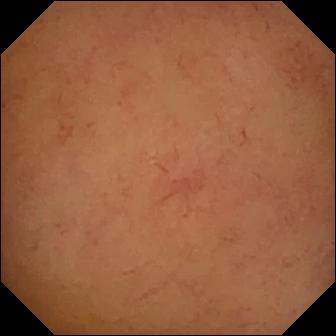Normal clean mucosa.